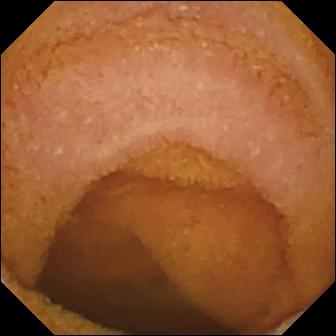Wireless capsule endoscopy image (small bowel). Normal clean mucosa.